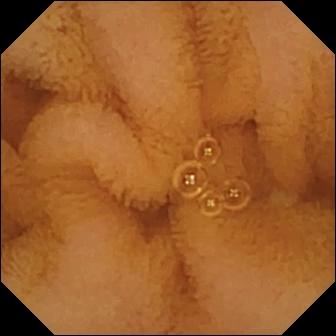WCE still, small bowel
Observation: normal clean mucosa